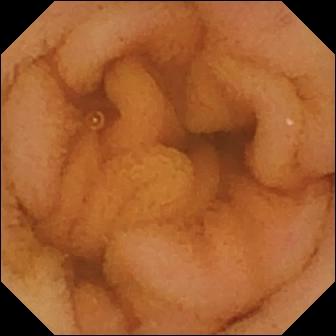Normal clean mucosa — WCE image of the small bowel.